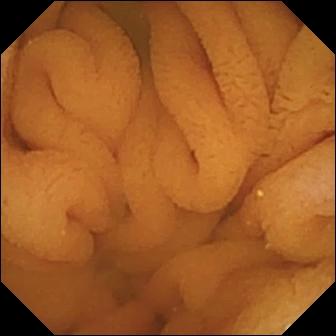WCE. Impression: normal clean mucosa.